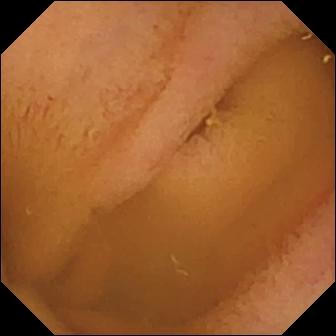Normal clean mucosa — video capsule endoscopy snapshot of the small bowel.